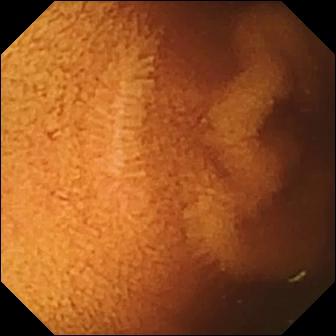Video capsule endoscopy still showing normal clean mucosa.